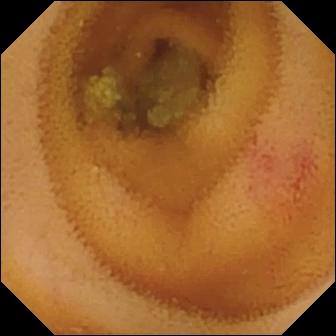Small-bowel capsule endoscopy frame. Angiectasia.